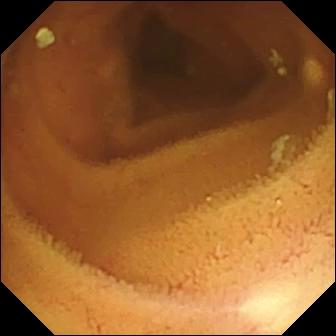Small-bowel capsule endoscopy view showing normal clean mucosa.